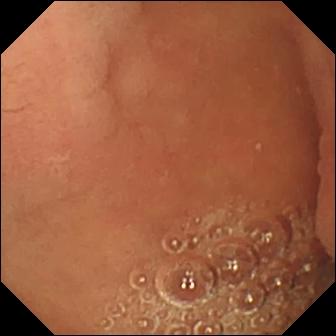- modality: wireless capsule endoscopy
- video segment: pylorus region (where the capsule passes from the stomach into the small bowel)